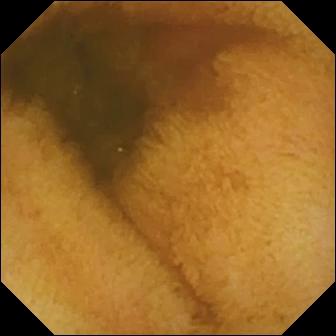VCE. Small bowel. Luminal finding. Impression: normal clean mucosa.